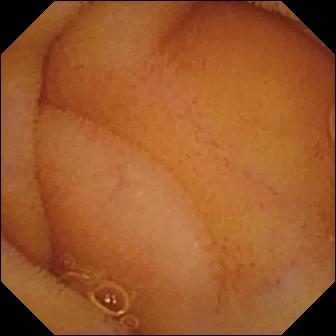- modality: wireless capsule endoscopy
- impression: normal clean mucosa